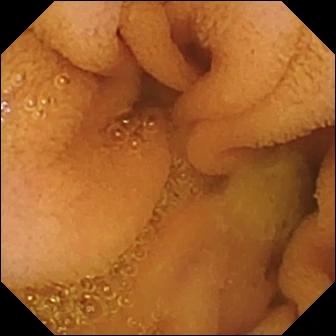Small-bowel capsule endoscopy snapshot, small bowel
Impression: normal clean mucosa